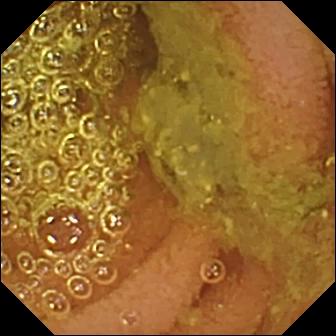modality: video capsule endoscopy | segment: small bowel | label: normal clean mucosa